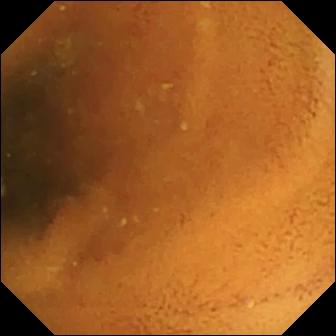WCE image (small bowel). Normal clean mucosa.